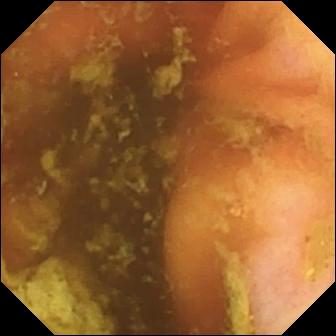Wireless capsule endoscopy snapshot. Taken in the ileo-cecal valve region (the transition from the small bowel to the large bowel).